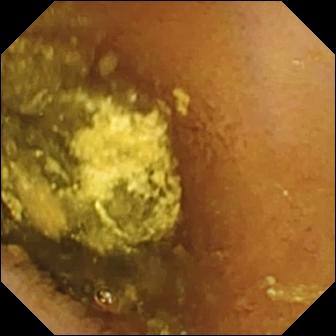Small-bowel capsule endoscopy view (small bowel), 336×336. Normal clean mucosa.